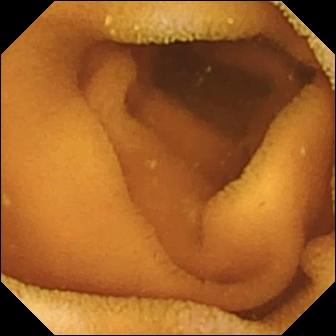Wireless capsule endoscopy — normal clean mucosa.